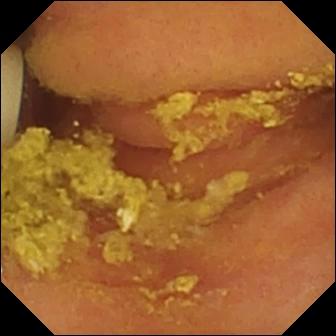modality: small-bowel capsule endoscopy; observation: foreign body (e.g. retained capsule, tablet residue)